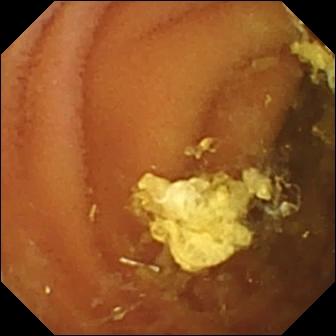Q: What does this WCE view show?
A: Normal clean mucosa.